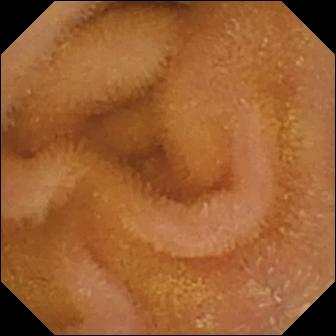Video capsule endoscopy — normal clean mucosa.